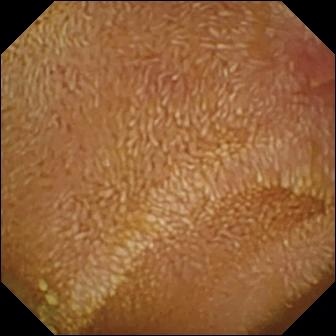VCE image showing erosion.